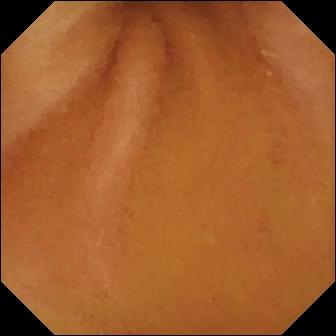VCE view. Normal clean mucosa.